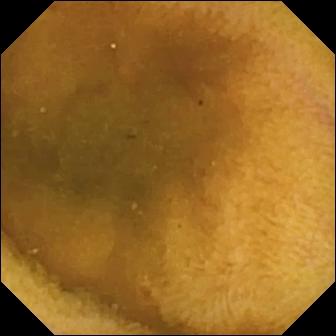This WCE view of the small bowel shows normal clean mucosa.